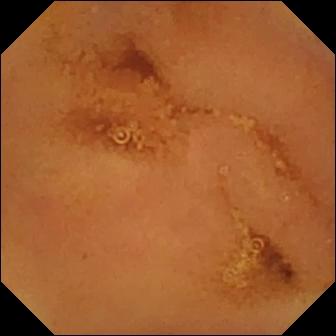{"modality": "wireless capsule endoscopy", "segment": "small bowel", "finding": "normal clean mucosa"}